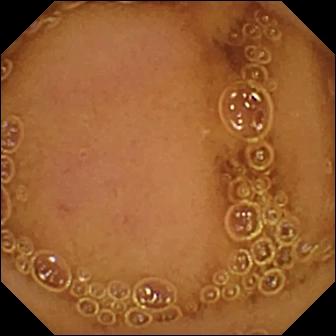PROCEDURE: Small-bowel capsule endoscopy.
SEGMENT: Small bowel.
FINDINGS: Normal clean mucosa.